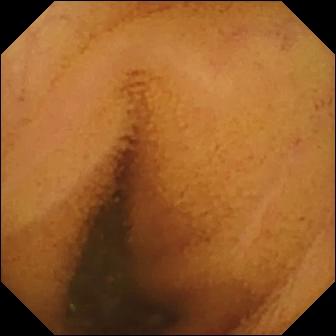{"modality": "WCE", "segment": "small intestine", "finding": "normal clean mucosa"}